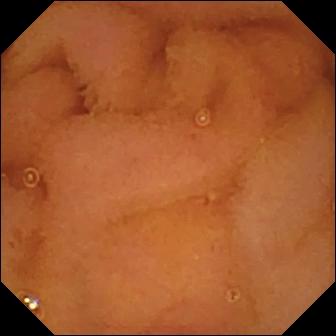Q: What does this WCE still show?
A: Normal clean mucosa.